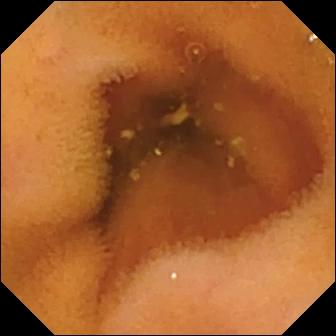modality: video capsule endoscopy; impression: normal clean mucosa